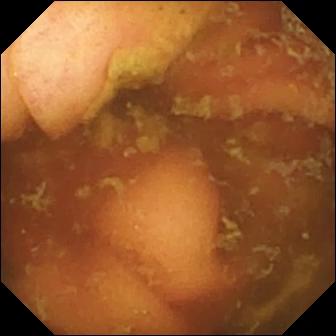Wireless capsule endoscopy image
Position: ileo-cecal valve region (where the capsule passes from the small bowel into the large bowel)